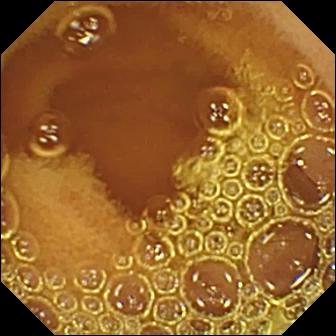Wireless capsule endoscopy image (small bowel), 336×336. Normal clean mucosa.